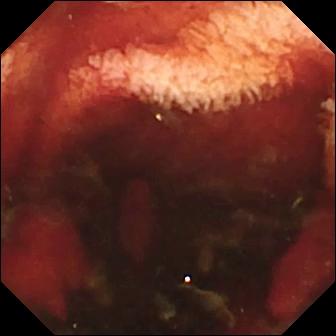Capsule endoscopy snapshot showing fresh blood in the lumen.